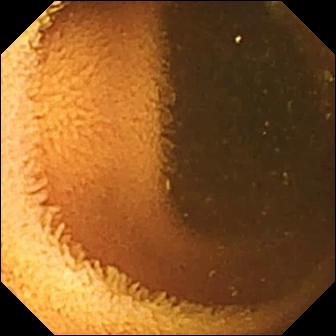Video capsule endoscopy view (small intestine). Normal clean mucosa.